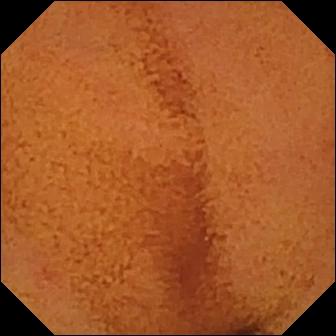Wireless capsule endoscopy image
Observation: normal clean mucosa